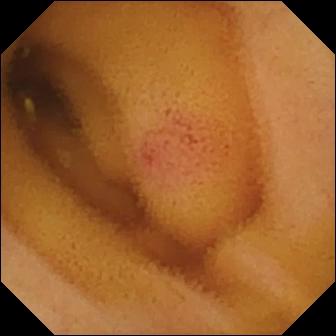VCE — angiectasia.